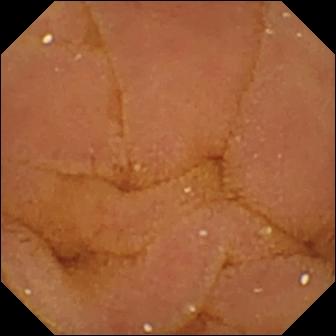WCE frame, small intestine
Observation: normal clean mucosa